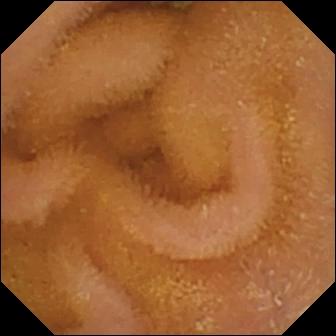- modality: wireless capsule endoscopy
- segment: small bowel
- observation: normal clean mucosa